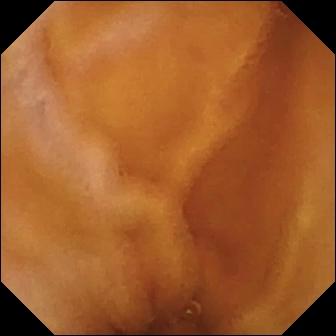Wireless capsule endoscopy image
Impression: normal clean mucosa